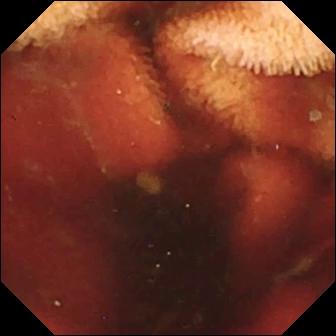Capsule endoscopy view showing fresh blood in the lumen.